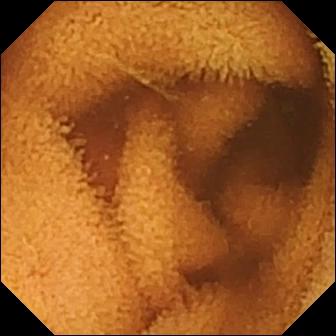Q: What does this WCE snapshot show?
A: Normal clean mucosa.